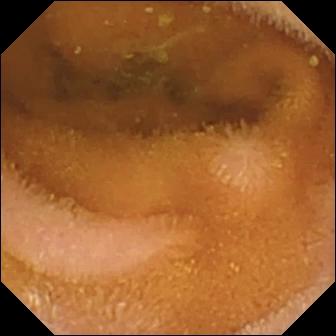modality: small-bowel capsule endoscopy
segment: small intestine
observation: normal clean mucosa